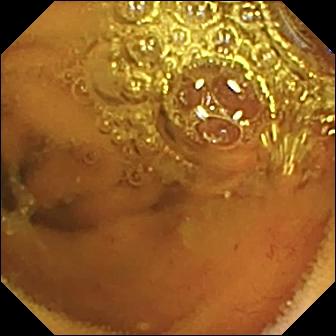Video capsule endoscopy snapshot of the small bowel showing normal clean mucosa.